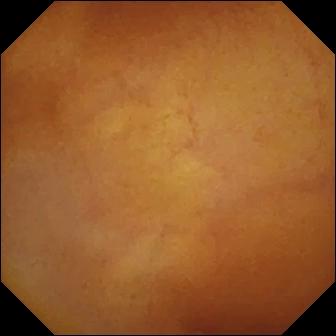- modality: video capsule endoscopy
- finding: normal clean mucosa